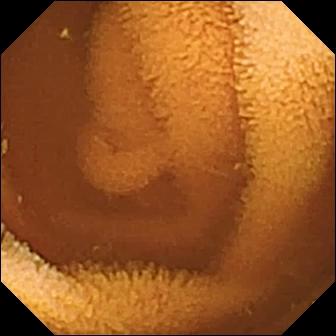modality: small-bowel capsule endoscopy
segment: small bowel
category: luminal finding
observation: normal clean mucosa